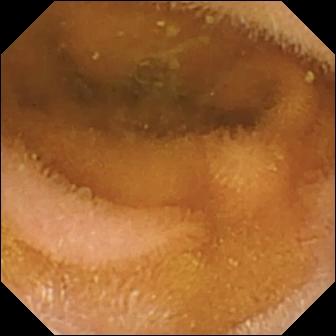VCE — normal clean mucosa.